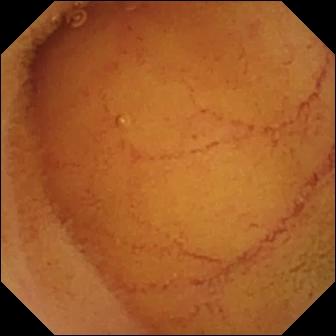Wireless capsule endoscopy. Impression: normal clean mucosa.